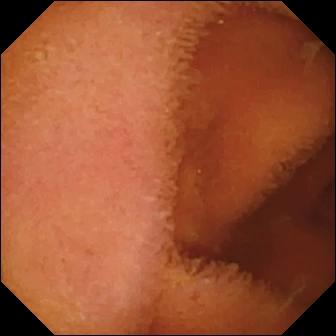VCE snapshot. Normal clean mucosa.